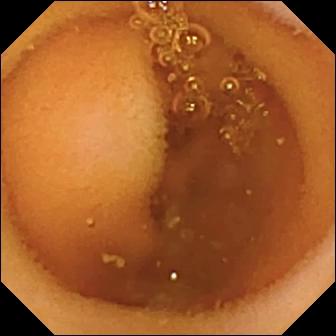Video capsule endoscopy frame, 336×336. Normal clean mucosa.